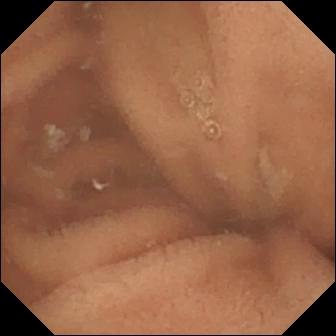WCE frame (small intestine). Normal clean mucosa.